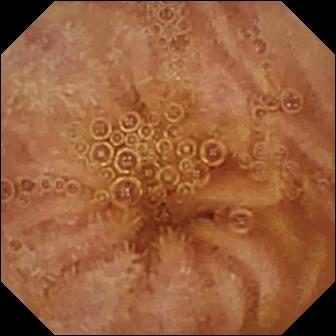modality: WCE; segment: small bowel; category: luminal finding; observation: normal clean mucosa